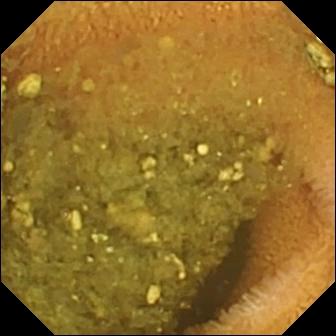Capsule endoscopy still, small intestine
Observation: reduced mucosal view (content or bubbles obscuring the mucosa)